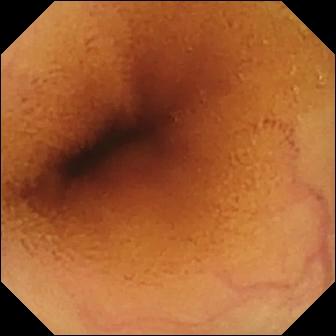modality: small-bowel capsule endoscopy; segment: small bowel; finding: normal clean mucosa